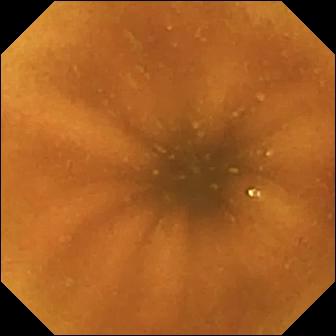Video capsule endoscopy still showing normal clean mucosa.